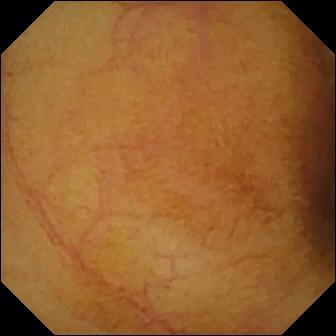modality: small-bowel capsule endoscopy; finding: normal clean mucosa